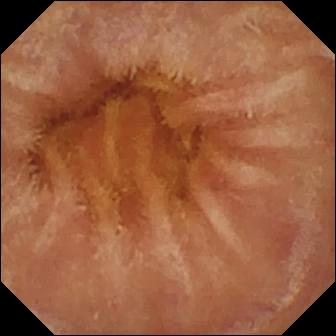This small-bowel capsule endoscopy frame of the small bowel shows normal clean mucosa.